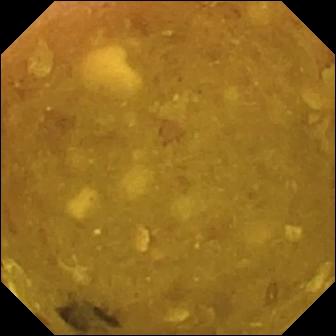modality: capsule endoscopy; segment: small bowel; observation: reduced mucosal view (content or bubbles obscuring the mucosa)